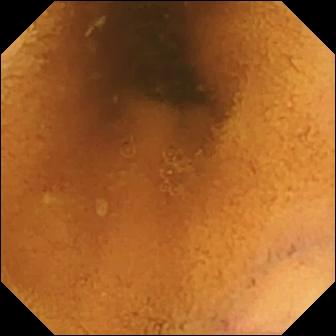Video capsule endoscopy. Small intestine. Impression: normal clean mucosa.